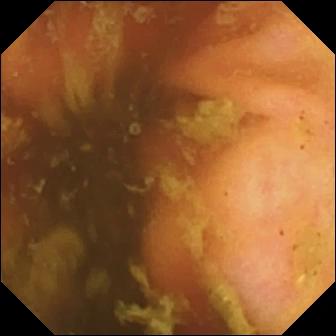This wireless capsule endoscopy still was taken in the ileo-cecal valve region (where the capsule passes from the small bowel into the large bowel).